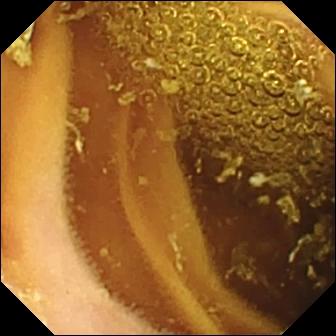This small-bowel capsule endoscopy frame shows normal clean mucosa.